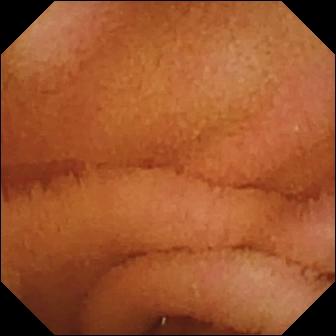Wireless capsule endoscopy. Small intestine. Label: normal clean mucosa.